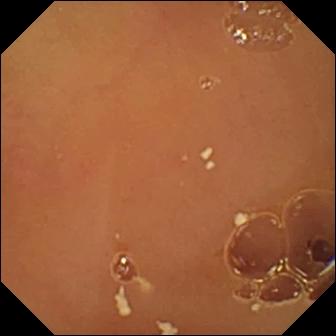Normal clean mucosa.